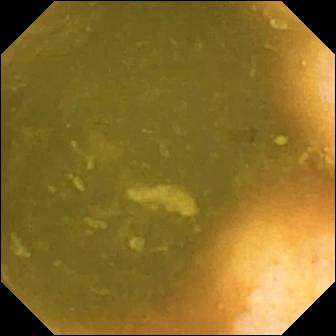- modality: video capsule endoscopy
- label: ileo-cecal valve region